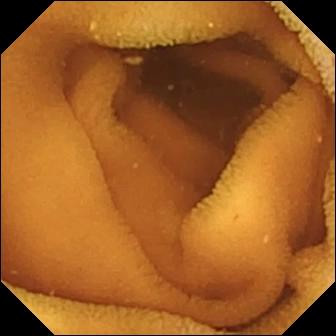modality: small-bowel capsule endoscopy | label: normal clean mucosa